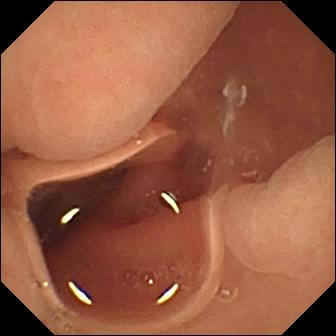- modality: wireless capsule endoscopy
- observation: normal clean mucosa